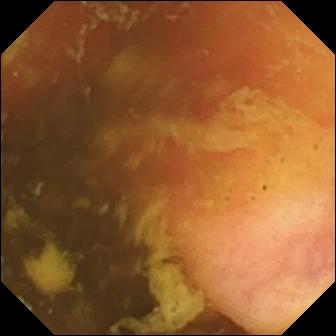Ileo-cecal valve region — WCE still.